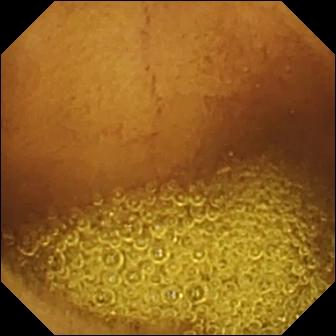WCE view. Normal clean mucosa.